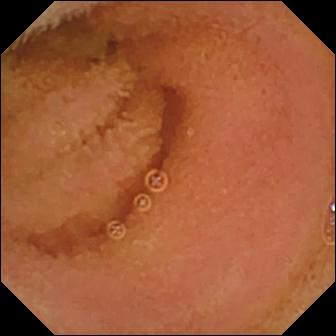{"modality": "WCE", "segment": "small bowel", "finding": "normal clean mucosa"}